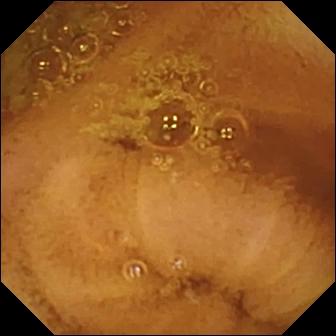This WCE image shows normal clean mucosa.